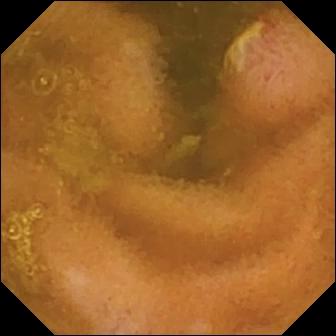Wireless capsule endoscopy. Finding: ulcer.